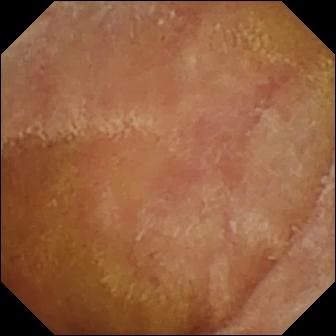VCE — normal clean mucosa.